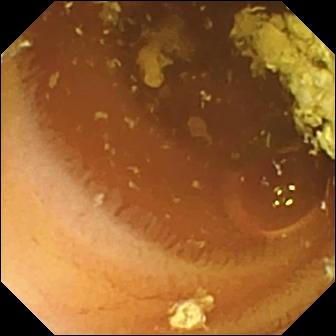Normal clean mucosa — VCE frame.